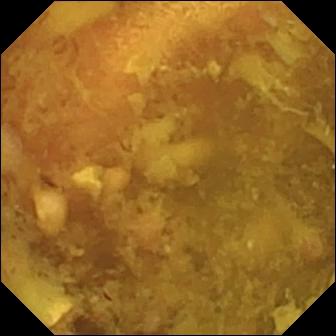WCE — reduced mucosal view (content or bubbles obscuring the mucosa).